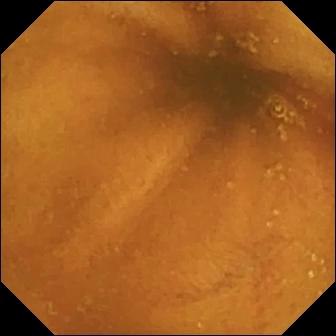This video capsule endoscopy still shows normal clean mucosa.